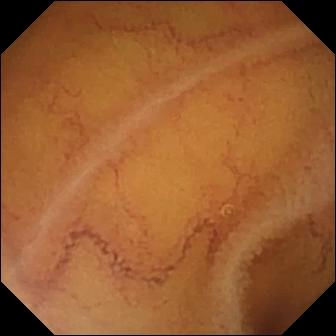Small-bowel capsule endoscopy frame (small bowel). Normal clean mucosa.